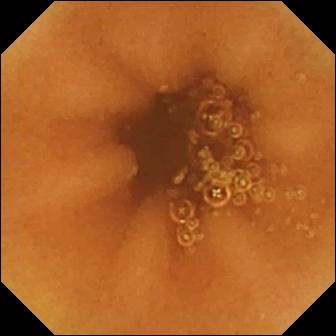PROCEDURE: WCE.
FINDINGS: Normal clean mucosa.